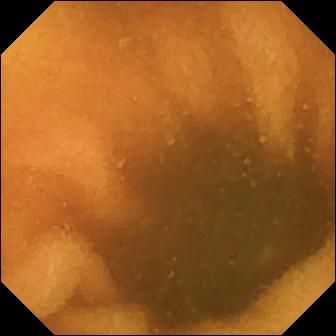Normal clean mucosa.